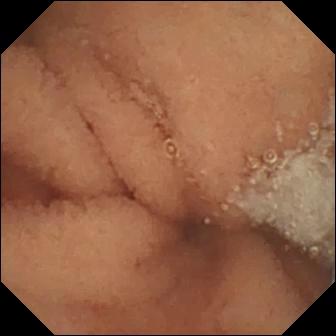Wireless capsule endoscopy snapshot (small bowel). Normal clean mucosa.